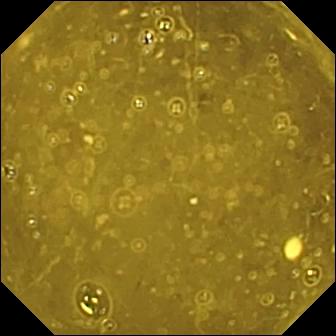Video capsule endoscopy. Near an anatomical landmark. Video segment: ileo-cecal valve region (where the capsule passes from the small bowel into the large bowel).